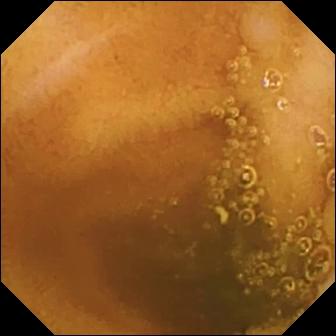WCE — normal clean mucosa.